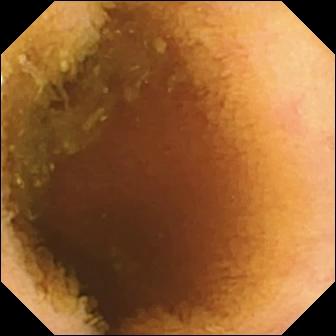PROCEDURE: VCE.
FINDINGS: Normal clean mucosa.